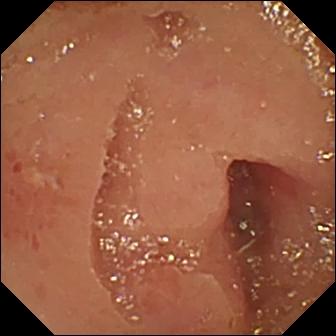PROCEDURE: Small-bowel capsule endoscopy.
FINDINGS: Erosion.